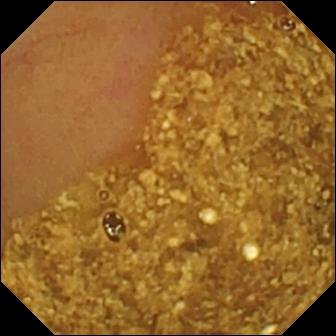Q: Where in the digestive tract was this small-bowel capsule endoscopy image taken?
A: Ileo-cecal valve region.